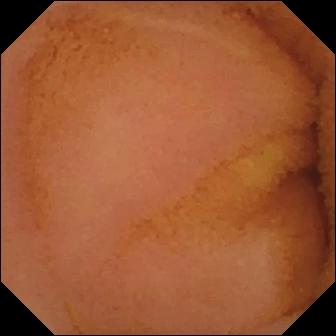Small-bowel capsule endoscopy. Observation: normal clean mucosa.